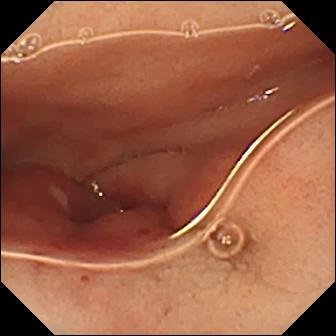Ulcer.